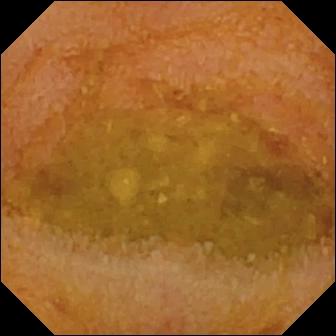{"modality": "video capsule endoscopy", "segment": "small bowel", "finding": "reduced mucosal view (content or bubbles obscuring the mucosa)"}